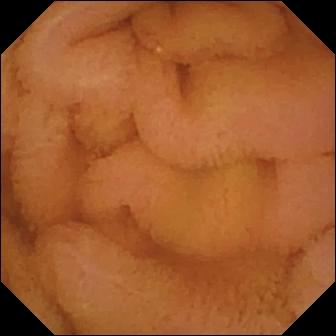Wireless capsule endoscopy view, small intestine
Observation: normal clean mucosa